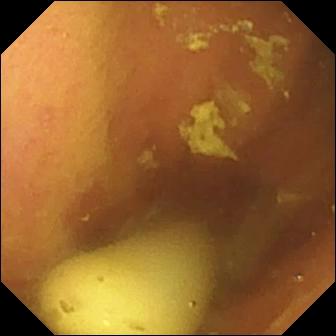PROCEDURE: Wireless capsule endoscopy.
FINDINGS: Foreign body (e.g. retained capsule, tablet residue).